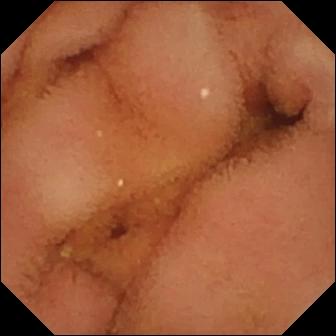modality: wireless capsule endoscopy | segment: small bowel | label: normal clean mucosa